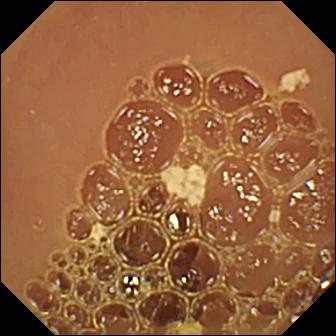Wireless capsule endoscopy still, 336×336. Normal clean mucosa.